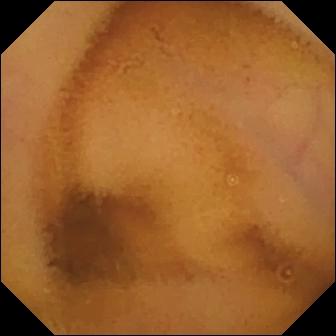Wireless capsule endoscopy snapshot. Normal clean mucosa.